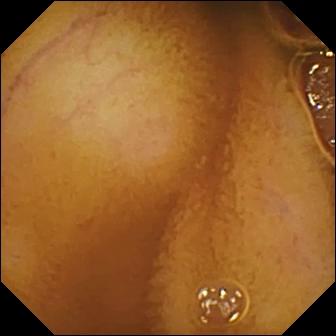PROCEDURE: VCE.
SEGMENT: Small intestine.
FINDINGS: Normal clean mucosa.